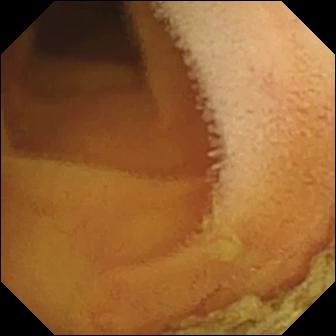Q: What does this capsule endoscopy snapshot show?
A: Normal clean mucosa.